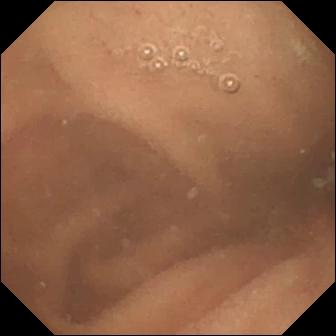VCE — normal clean mucosa.